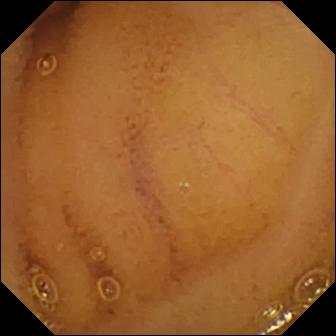This capsule endoscopy frame of the small intestine shows normal clean mucosa.